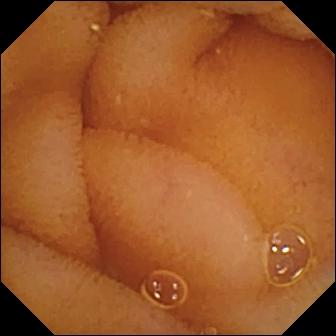This video capsule endoscopy view shows normal clean mucosa.